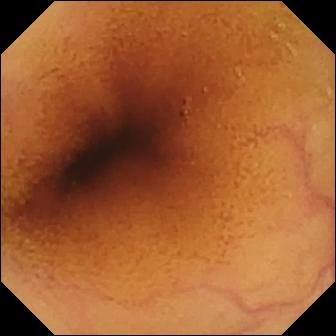Normal clean mucosa — VCE snapshot of the small bowel.